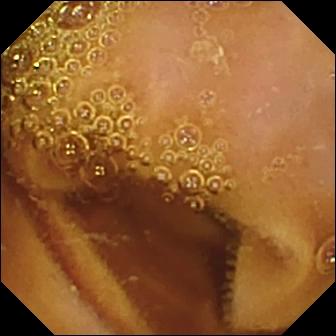Normal clean mucosa — wireless capsule endoscopy frame.